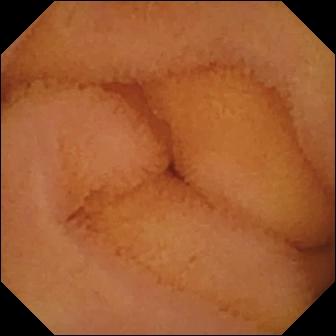Video capsule endoscopy still showing normal clean mucosa.